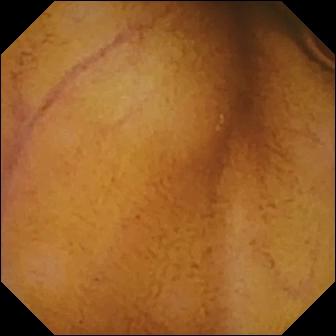Small-bowel capsule endoscopy frame showing normal clean mucosa.